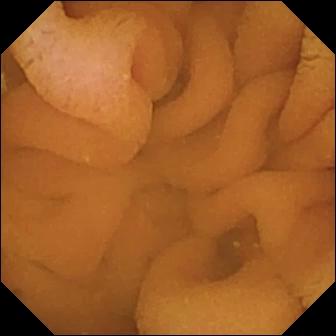Video capsule endoscopy — normal clean mucosa.